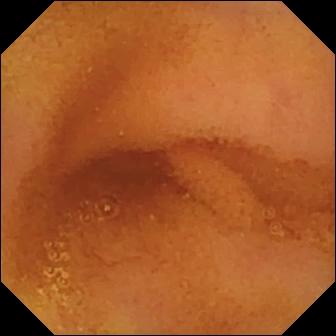Wireless capsule endoscopy view, small bowel
Label: normal clean mucosa